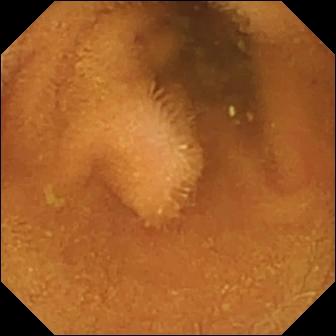Q: What does this small-bowel capsule endoscopy view of the small bowel show?
A: Normal clean mucosa.